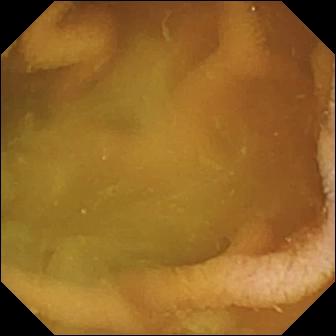WCE — normal clean mucosa.